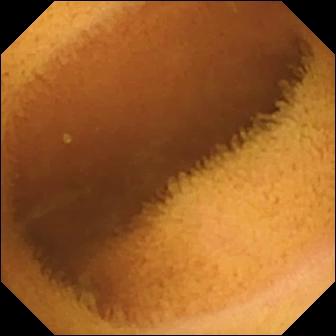WCE. Small bowel. Impression: normal clean mucosa.